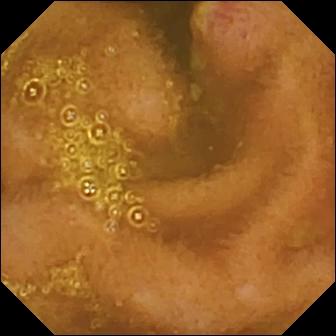PROCEDURE: Wireless capsule endoscopy.
FINDINGS: Ulcer.